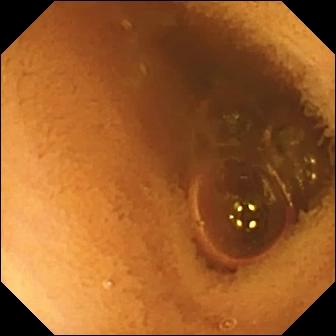WCE view showing normal clean mucosa.